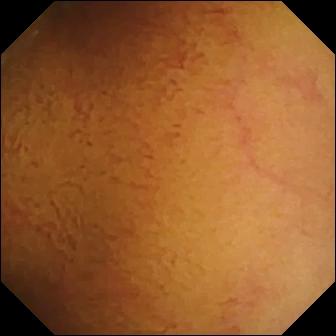Q: What does this capsule endoscopy frame show?
A: Normal clean mucosa.